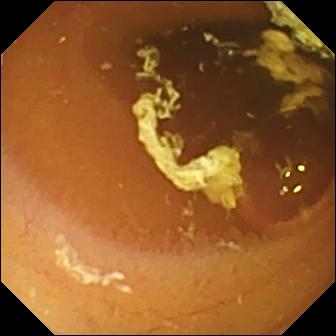This video capsule endoscopy view of the small bowel shows normal clean mucosa.